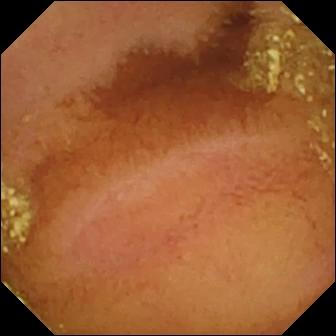- modality: small-bowel capsule endoscopy
- label: normal clean mucosa